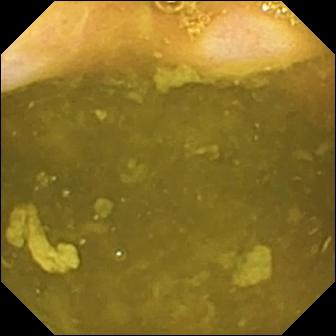This VCE image was taken in the ileo-cecal valve region.